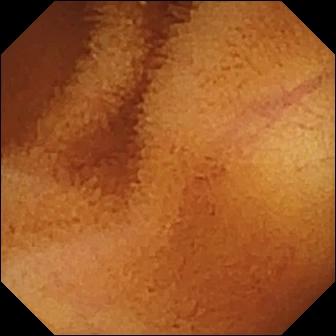{"modality": "capsule endoscopy", "category": "luminal finding", "finding": "normal clean mucosa"}